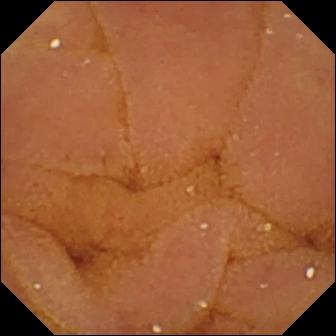Small-bowel capsule endoscopy still (small bowel). Normal clean mucosa.